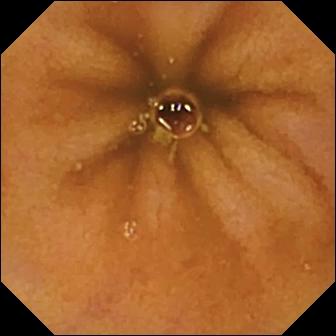Capsule endoscopy frame
Observation: normal clean mucosa